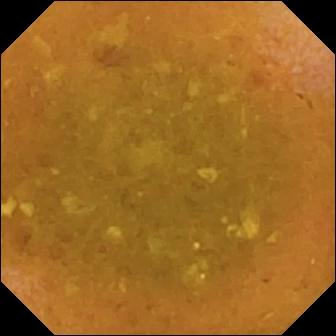VCE still showing reduced mucosal view (content or bubbles obscuring the mucosa).